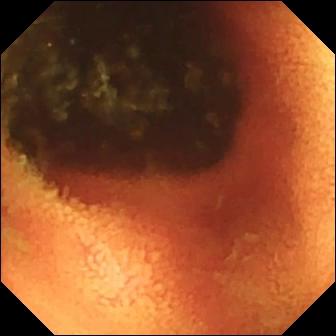Small-bowel capsule endoscopy. Location: ileo-cecal valve region (where the capsule passes from the small bowel into the large bowel).